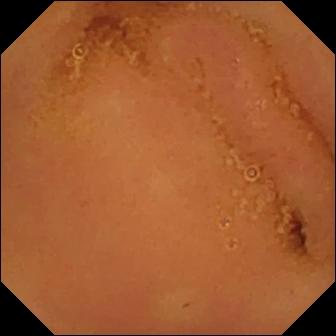Q: What does this capsule endoscopy view show?
A: Normal clean mucosa.